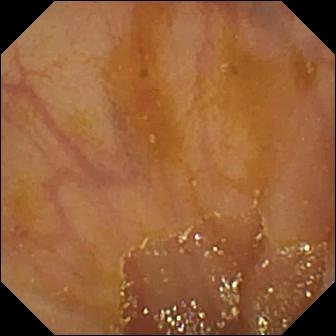PROCEDURE: Wireless capsule endoscopy.
LOCATION: Ileo-cecal valve region (where the capsule passes from the small bowel into the large bowel).